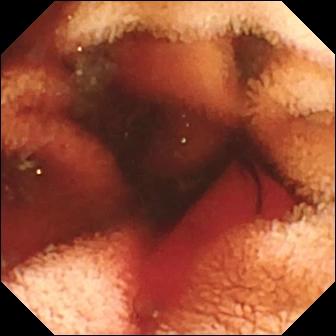Capsule endoscopy — fresh blood in the lumen.